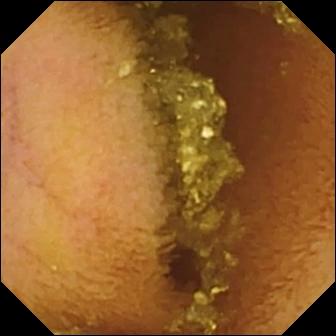Capsule endoscopy frame showing normal clean mucosa.